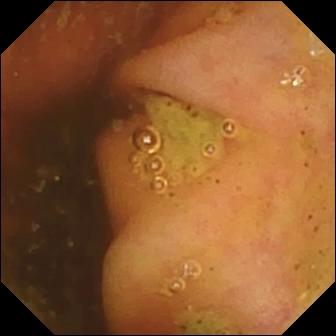This video capsule endoscopy still was taken in the ileo-cecal valve region (the transition from the small bowel to the large bowel).